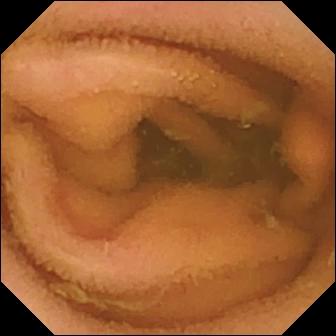Q: What does this WCE view of the small bowel show?
A: Normal clean mucosa.